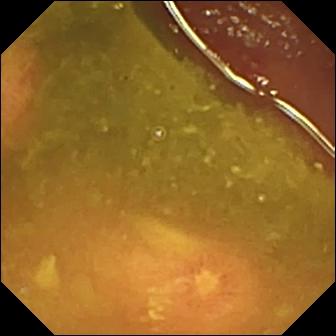Ulcer — VCE still.